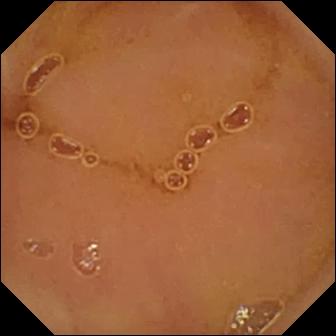Normal clean mucosa — wireless capsule endoscopy snapshot.